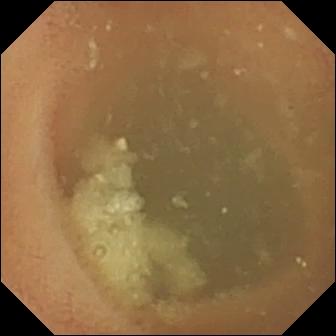{"modality": "capsule endoscopy", "finding": "normal clean mucosa"}